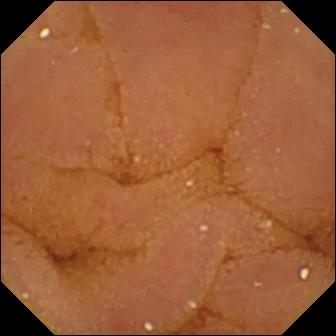This video capsule endoscopy view shows normal clean mucosa.